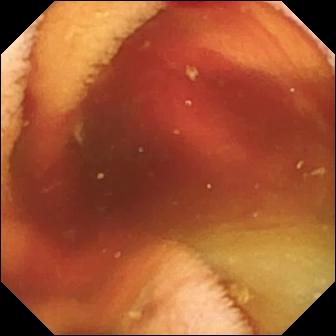modality: small-bowel capsule endoscopy | category: luminal finding | observation: fresh blood in the lumen